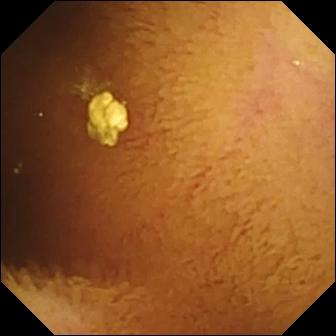PROCEDURE: Video capsule endoscopy.
SEGMENT: Small bowel.
FINDINGS: Normal clean mucosa.